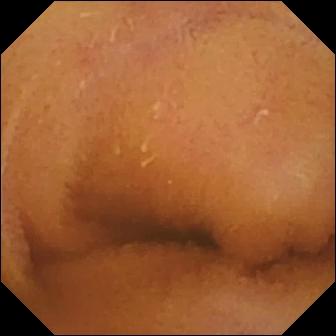PROCEDURE: Video capsule endoscopy.
FINDINGS: Normal clean mucosa.